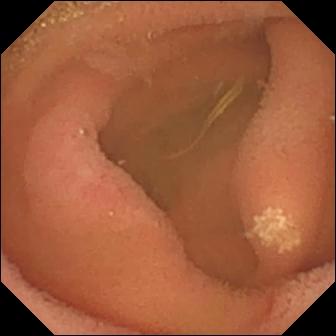modality: video capsule endoscopy
observation: lymphangiectasia